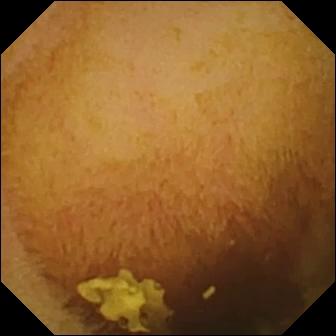Small-bowel capsule endoscopy still, 336×336. Normal clean mucosa.